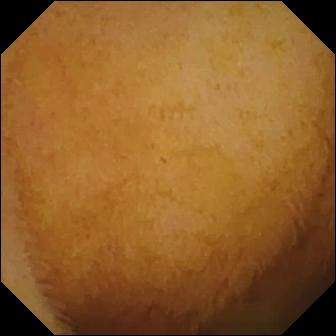PROCEDURE: Wireless capsule endoscopy.
SEGMENT: Small bowel.
FINDINGS: Normal clean mucosa.